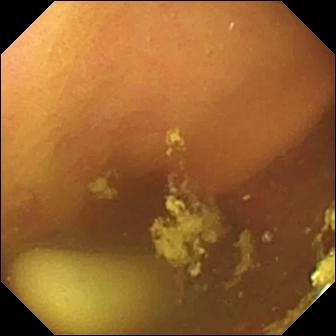modality: WCE
category: luminal finding
observation: foreign body (e.g. retained capsule, tablet residue)